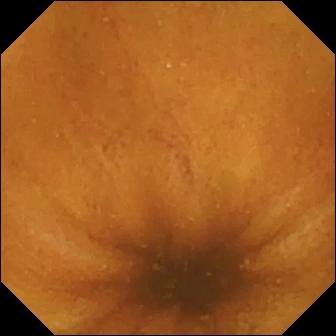Normal clean mucosa.